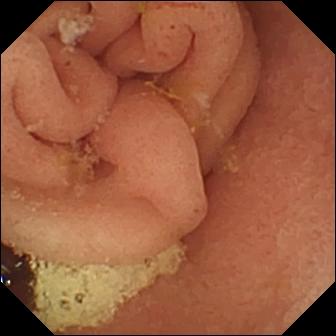Pylorus region (where the capsule passes from the stomach into the small bowel).